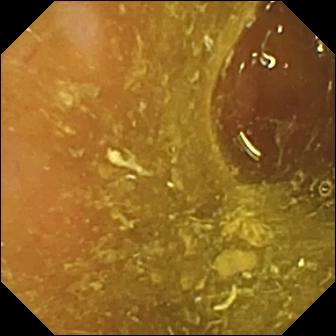{"modality": "WCE", "position": "ileo-cecal valve region (where the capsule passes from the small bowel into the large bowel)"}